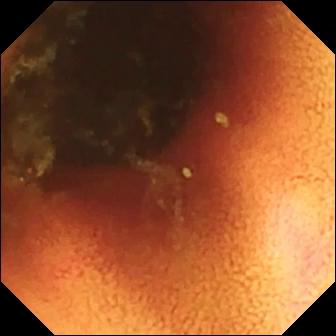WCE. Label: ileo-cecal valve region (the transition from the small bowel to the large bowel).